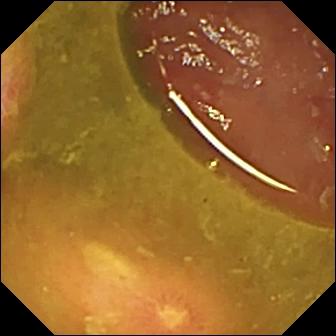PROCEDURE: Wireless capsule endoscopy.
FINDINGS: Ulcer.